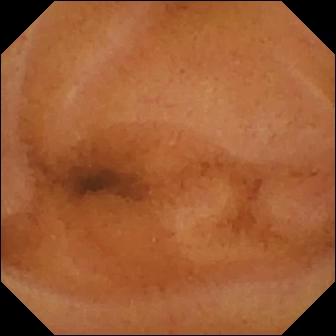Normal clean mucosa — capsule endoscopy image of the small intestine.